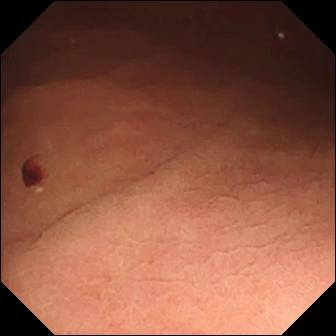modality: small-bowel capsule endoscopy; label: angiectasia